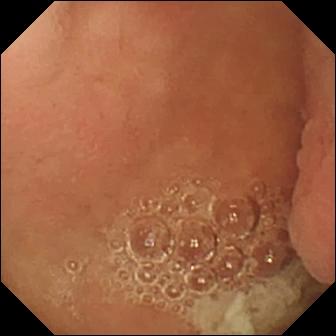Small-bowel capsule endoscopy — pylorus region.